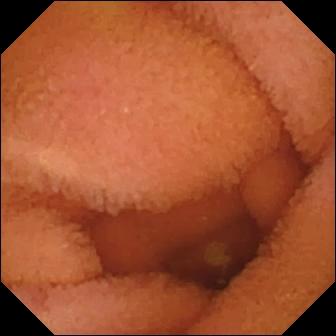Q: What does this WCE frame of the small bowel show?
A: Normal clean mucosa.